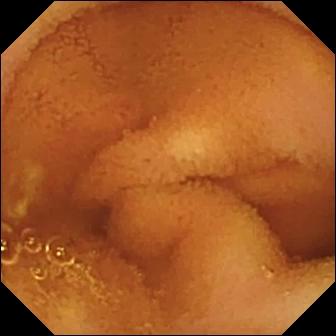WCE. Small bowel. Luminal finding. Label: normal clean mucosa.